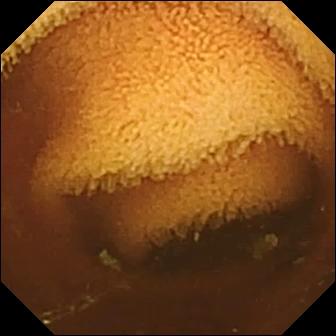- modality: small-bowel capsule endoscopy
- segment: small intestine
- finding: normal clean mucosa